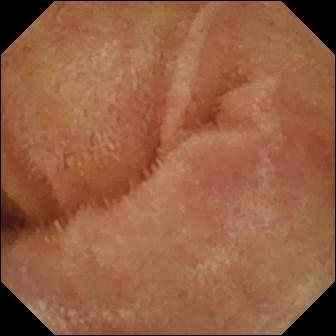Small-bowel capsule endoscopy. Impression: normal clean mucosa.